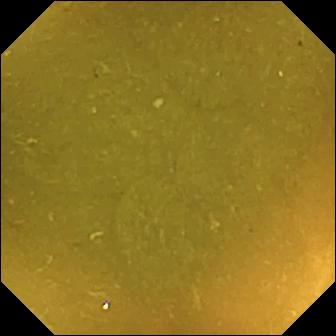Small-bowel capsule endoscopy. Label: ileo-cecal valve region.